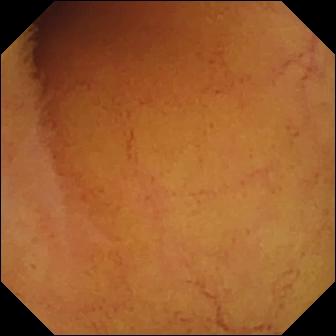Normal clean mucosa.